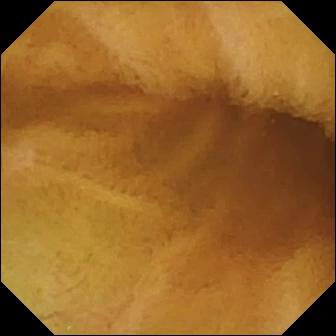Normal clean mucosa — small-bowel capsule endoscopy still of the small bowel.